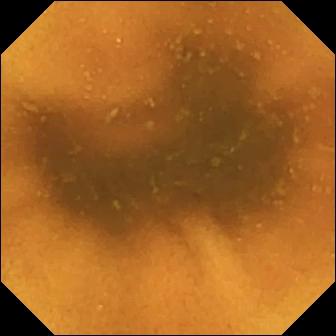PROCEDURE: Wireless capsule endoscopy.
SEGMENT: Small intestine.
FINDINGS: Normal clean mucosa.